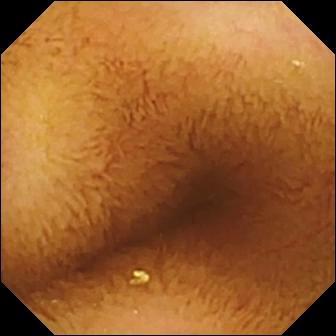WCE snapshot, small bowel
Impression: normal clean mucosa